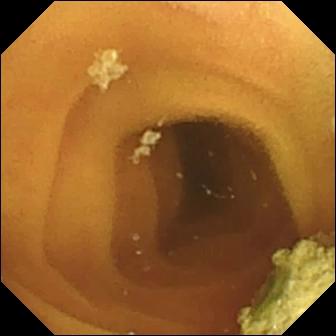WCE still (small bowel). Normal clean mucosa.